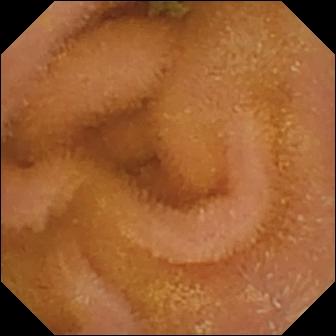PROCEDURE: VCE.
FINDINGS: Normal clean mucosa.